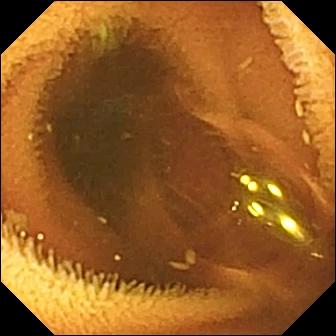Wireless capsule endoscopy. Impression: normal clean mucosa.